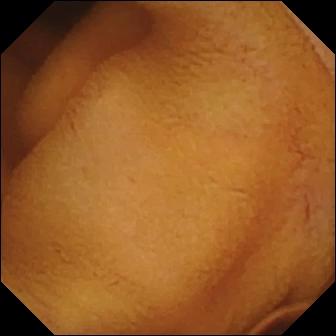{"modality": "video capsule endoscopy", "category": "luminal finding", "finding": "normal clean mucosa"}